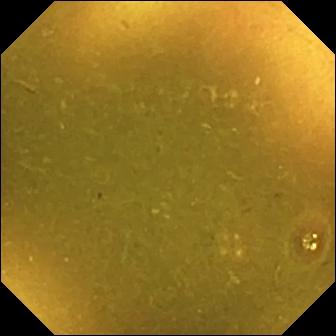modality: wireless capsule endoscopy; video segment: ileo-cecal valve region